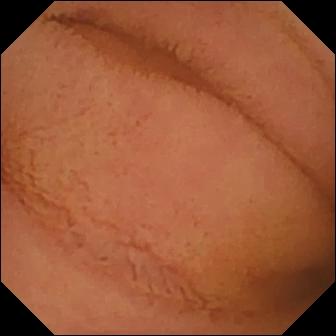VCE snapshot, small bowel
Label: normal clean mucosa